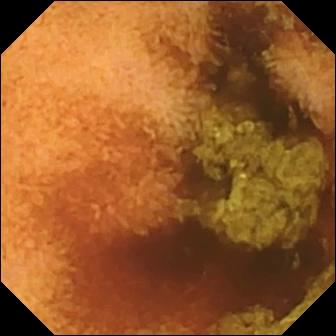VCE snapshot, small bowel
Finding: normal clean mucosa